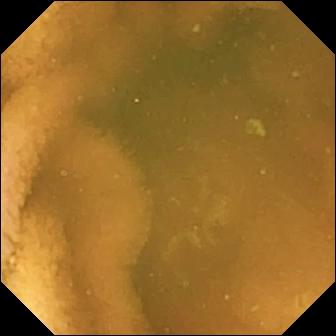PROCEDURE: Small-bowel capsule endoscopy.
FINDINGS: Normal clean mucosa.